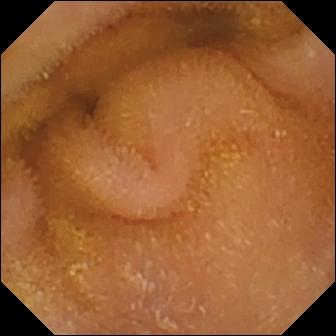Wireless capsule endoscopy — normal clean mucosa.